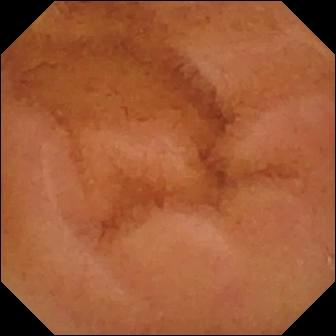WCE — normal clean mucosa.